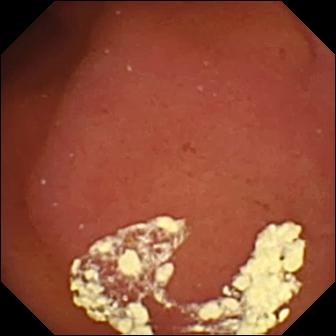PROCEDURE: VCE.
LABEL: Pylorus region (the junction between the stomach and the small bowel).